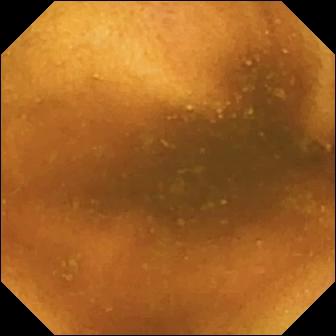This WCE view of the small intestine shows normal clean mucosa.